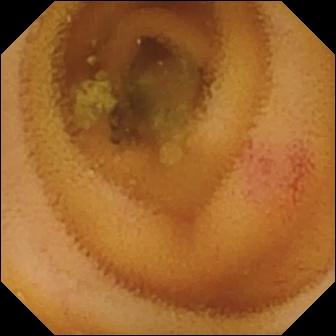Small-bowel capsule endoscopy frame. Angiectasia.